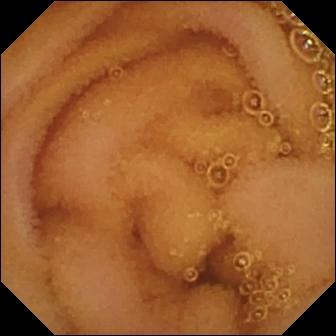Video capsule endoscopy view, small bowel
Observation: normal clean mucosa